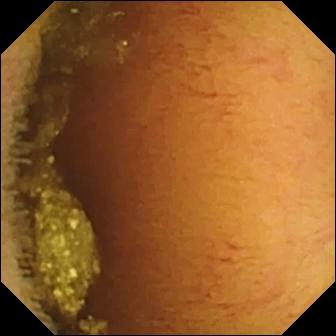Q: What does this WCE still of the small intestine show?
A: Normal clean mucosa.